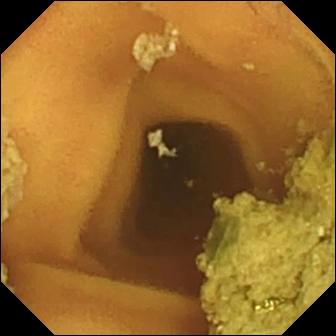Capsule endoscopy. Small bowel. Luminal finding. Finding: normal clean mucosa.